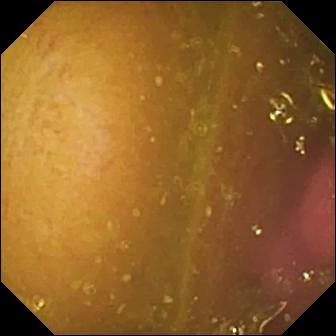Reduced mucosal view (content or bubbles obscuring the mucosa) — capsule endoscopy view of the small intestine.